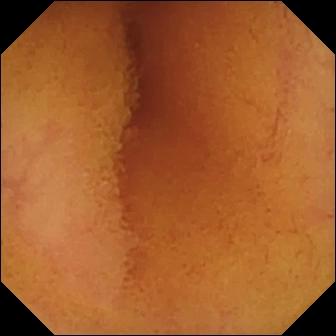- modality: WCE
- label: normal clean mucosa